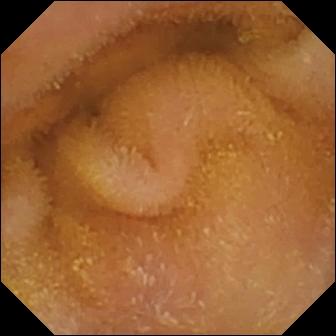This WCE frame shows normal clean mucosa.